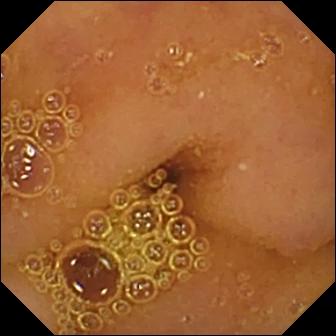Capsule endoscopy still showing normal clean mucosa.